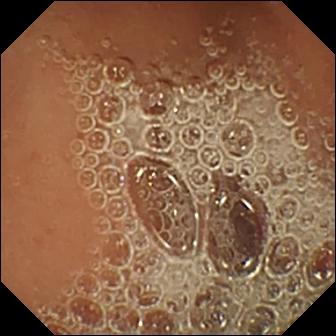Normal clean mucosa.